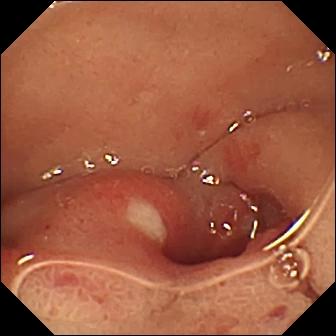Wireless capsule endoscopy — ulcer.